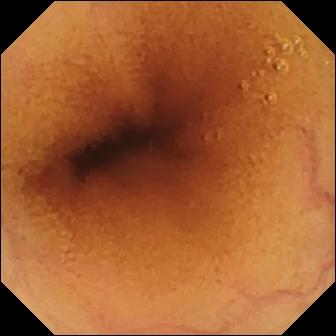- modality: video capsule endoscopy
- segment: small bowel
- label: normal clean mucosa